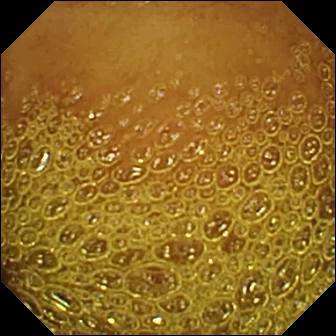Video capsule endoscopy — normal clean mucosa.